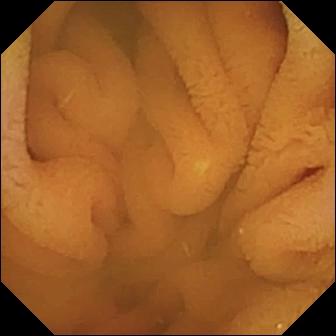Q: What does this capsule endoscopy view show?
A: Normal clean mucosa.